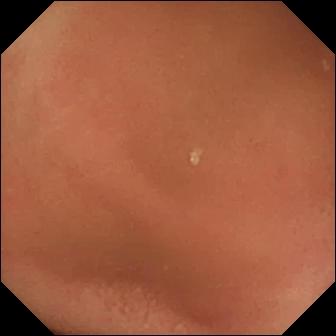- modality: video capsule endoscopy
- category: anatomical landmark
- label: pylorus region